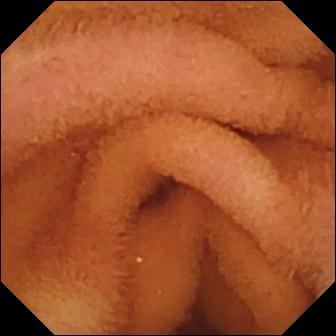Video capsule endoscopy — normal clean mucosa.